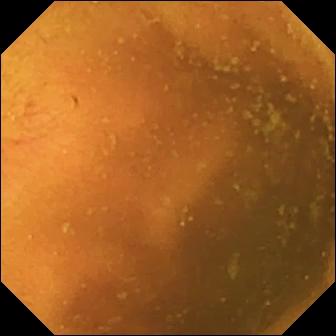VCE frame of the small bowel showing normal clean mucosa.